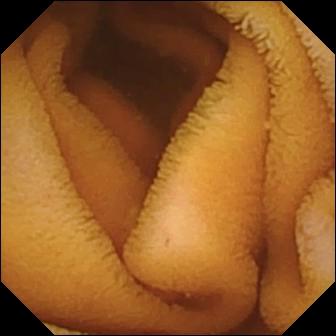Q: What does this wireless capsule endoscopy frame show?
A: Normal clean mucosa.